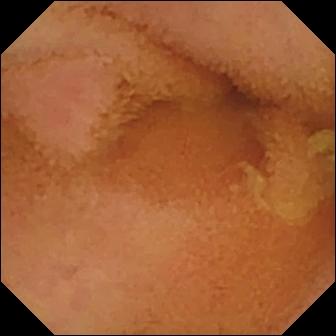WCE snapshot, small bowel
Label: normal clean mucosa